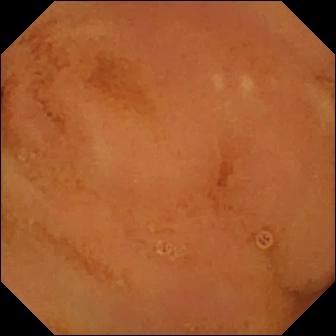Normal clean mucosa.